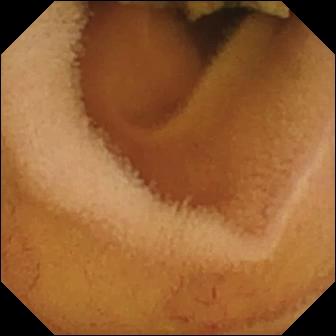Video capsule endoscopy image
Observation: normal clean mucosa